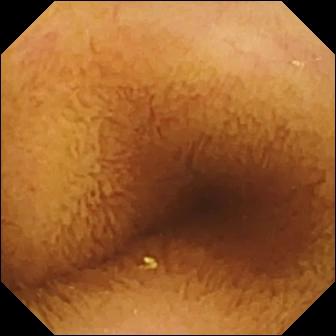Q: What does this capsule endoscopy snapshot of the small intestine show?
A: Normal clean mucosa.